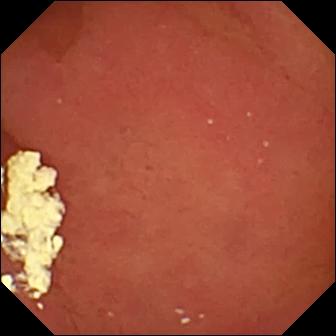Pylorus region (where the capsule passes from the stomach into the small bowel).